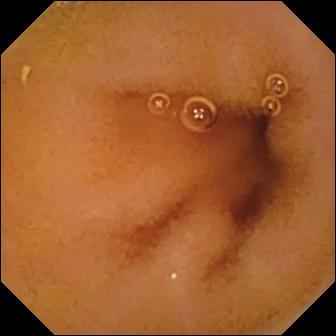Normal clean mucosa — WCE snapshot of the small bowel.